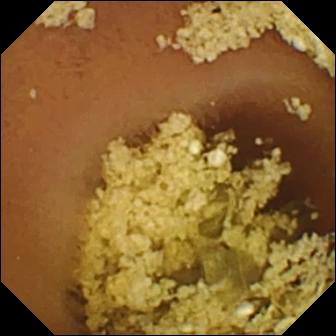- modality: video capsule endoscopy
- category: luminal finding
- impression: normal clean mucosa